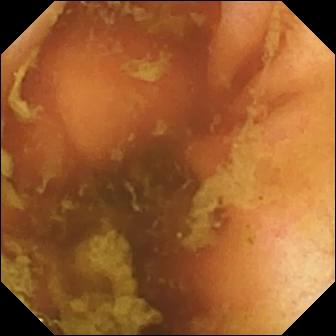Video capsule endoscopy — ileo-cecal valve region (where the capsule passes from the small bowel into the large bowel).